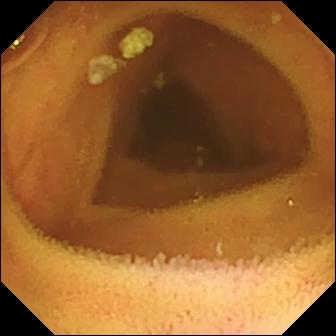PROCEDURE: VCE.
SEGMENT: Small intestine.
FINDINGS: Normal clean mucosa.